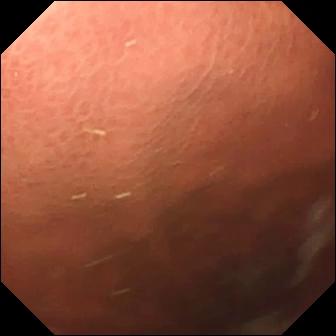Pylorus region (the junction between the stomach and the small bowel) — capsule endoscopy snapshot.